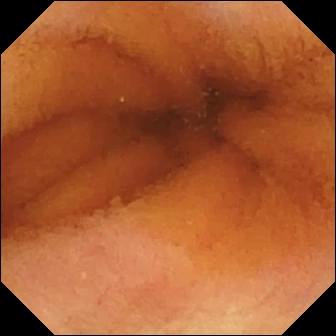WCE — normal clean mucosa.